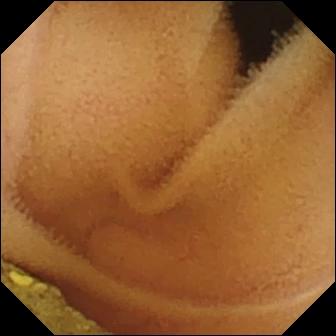Wireless capsule endoscopy still
Impression: normal clean mucosa